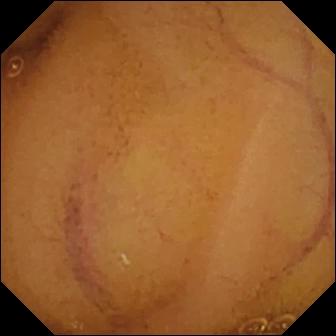Small-bowel capsule endoscopy. Luminal finding. Label: normal clean mucosa.